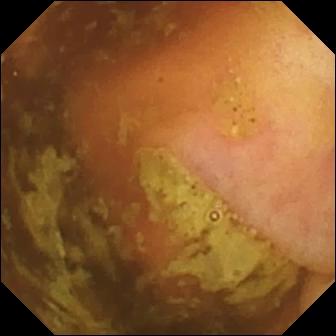Ileo-cecal valve region — small-bowel capsule endoscopy view.